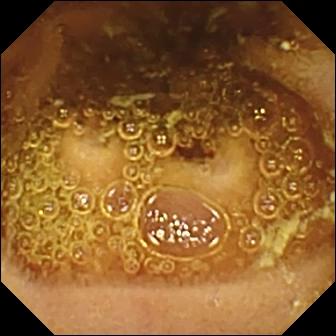Wireless capsule endoscopy. Label: normal clean mucosa.